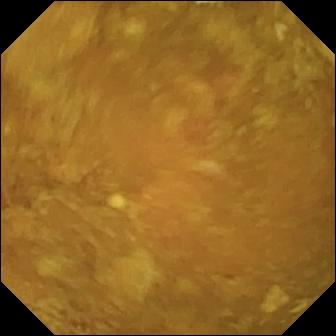- modality: capsule endoscopy
- impression: reduced mucosal view (content or bubbles obscuring the mucosa)